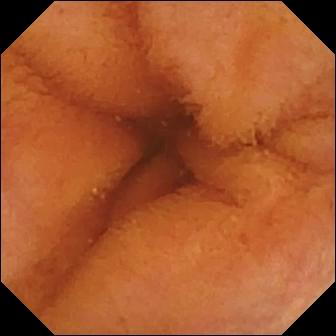WCE. Small intestine. Luminal finding. Observation: normal clean mucosa.